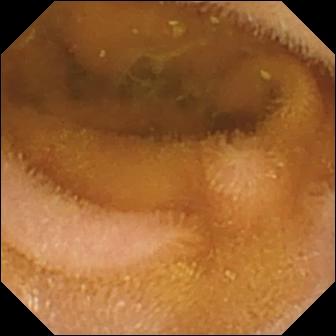Q: What does this small-bowel capsule endoscopy snapshot of the small bowel show?
A: Normal clean mucosa.